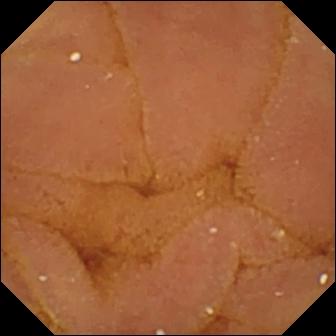Normal clean mucosa — small-bowel capsule endoscopy view of the small intestine.